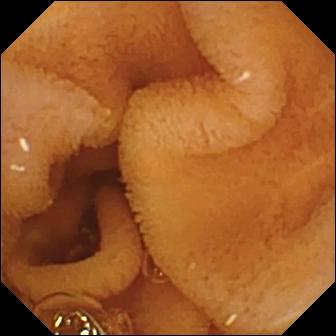modality: VCE; category: luminal finding; impression: normal clean mucosa